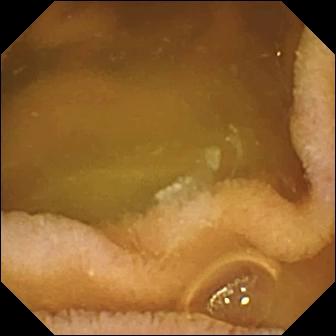Capsule endoscopy image showing normal clean mucosa.